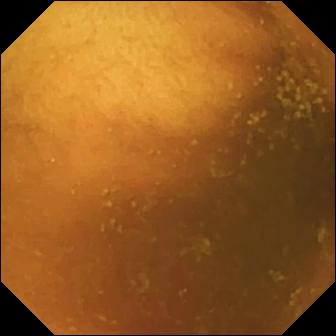This small-bowel capsule endoscopy still shows normal clean mucosa.